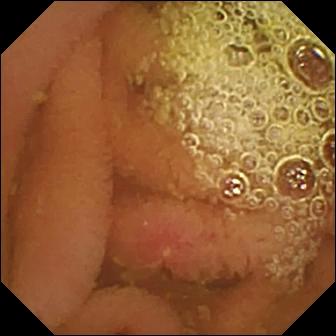modality: VCE | label: erosion